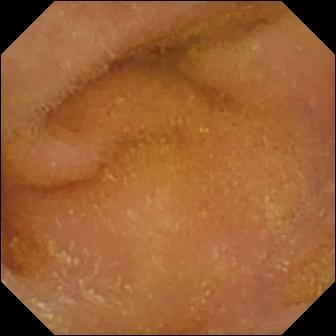PROCEDURE: Video capsule endoscopy.
SEGMENT: Small intestine.
FINDINGS: Normal clean mucosa.